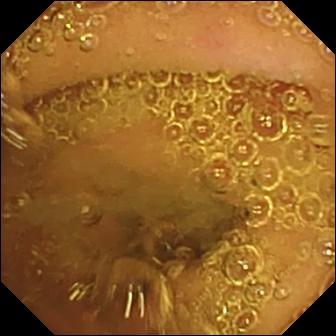Normal clean mucosa — wireless capsule endoscopy snapshot of the small intestine.